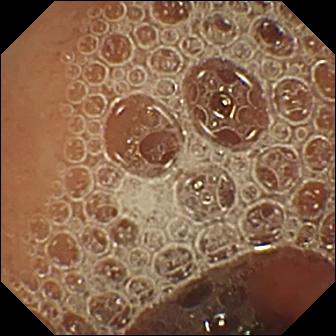VCE view showing normal clean mucosa.